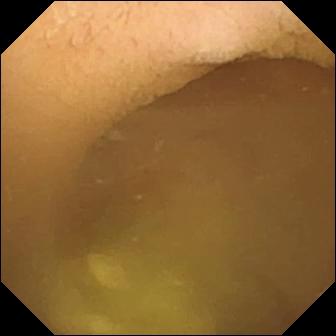modality: VCE | category: anatomical landmark | label: pylorus region (where the capsule passes from the stomach into the small bowel)